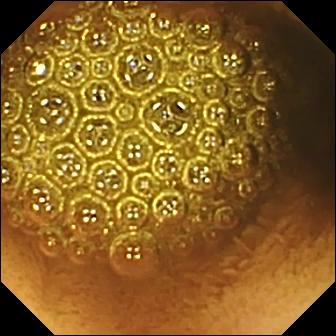Q: What does this small-bowel capsule endoscopy snapshot of the small intestine show?
A: Reduced mucosal view (content or bubbles obscuring the mucosa).